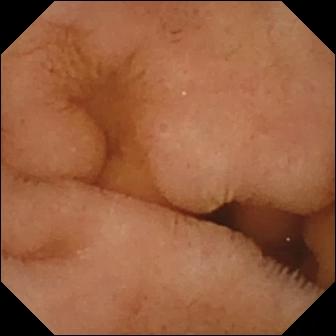Small-bowel capsule endoscopy frame (small bowel). Normal clean mucosa.